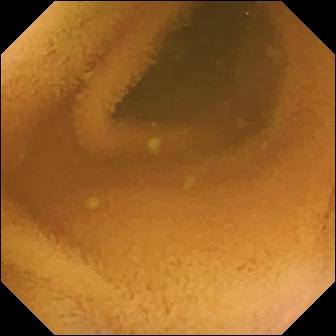Small-bowel capsule endoscopy still
Label: normal clean mucosa